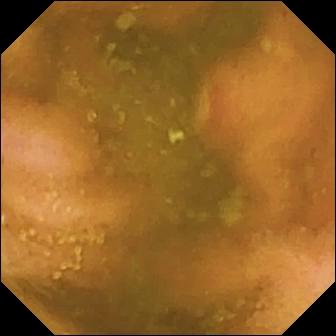Video capsule endoscopy frame
Finding: ulcer